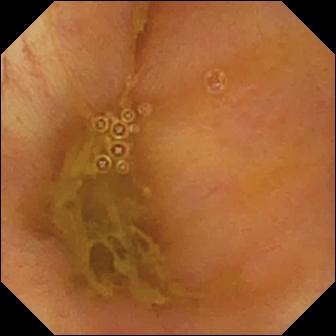Q: Where in the digestive tract was this capsule endoscopy view taken?
A: Ileo-cecal valve region.